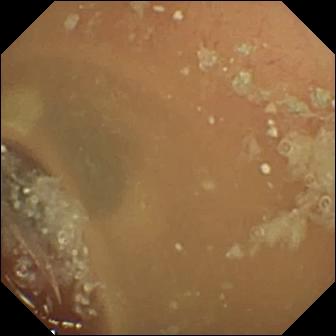Normal clean mucosa — WCE image.